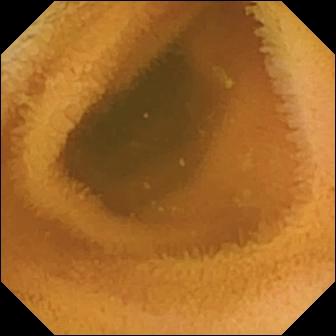WCE. Small intestine. Impression: normal clean mucosa.